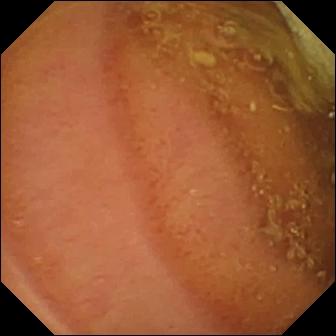Q: What does this capsule endoscopy frame of the small bowel show?
A: Normal clean mucosa.